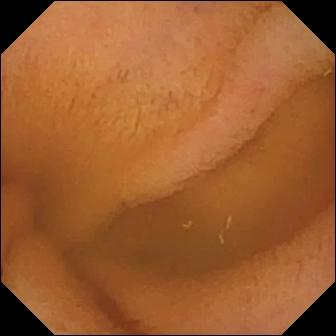- modality: video capsule endoscopy
- finding: normal clean mucosa